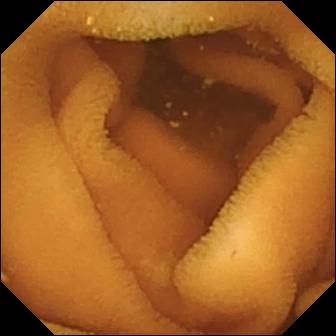Capsule endoscopy still
Impression: normal clean mucosa